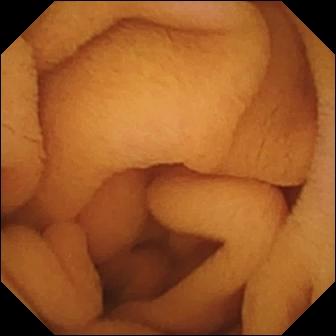Wireless capsule endoscopy still
Impression: normal clean mucosa